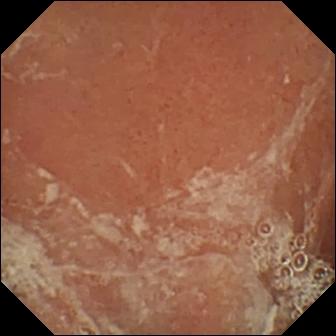Pylorus region — video capsule endoscopy frame.